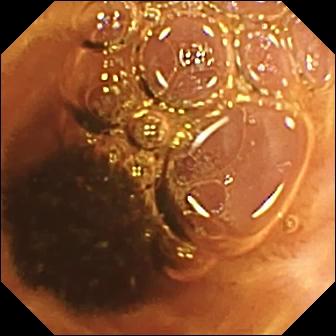WCE view
Impression: normal clean mucosa